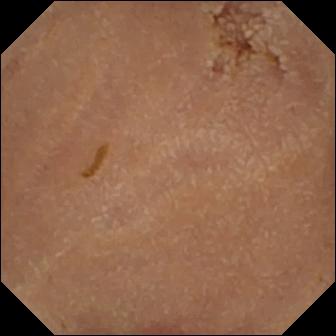This VCE view shows normal clean mucosa.